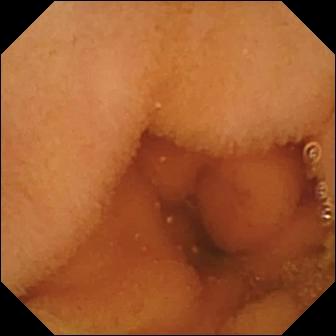Small-bowel capsule endoscopy — normal clean mucosa.